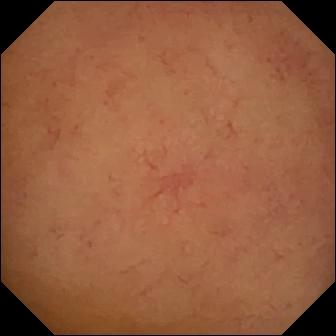VCE frame (small bowel), 336×336. Normal clean mucosa.